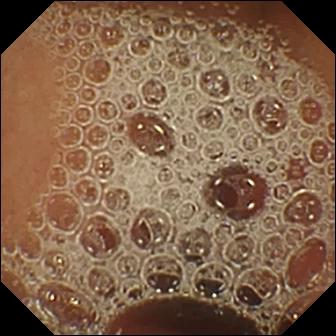Small-bowel capsule endoscopy snapshot, 336×336. Normal clean mucosa.